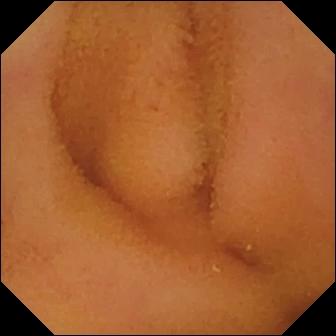PROCEDURE: Wireless capsule endoscopy.
FINDINGS: Normal clean mucosa.